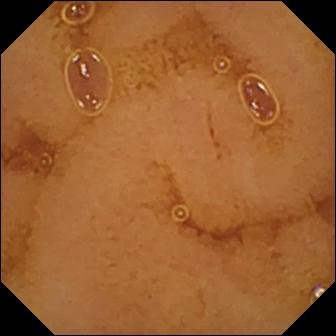Normal clean mucosa — VCE frame of the small intestine.